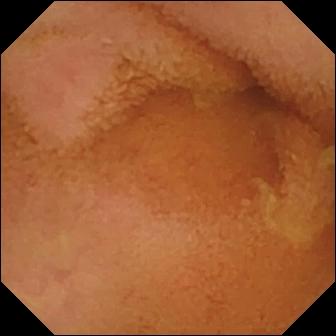modality: VCE
category: luminal finding
observation: normal clean mucosa